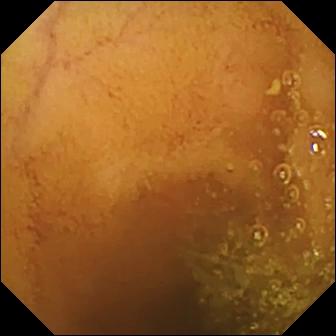modality: WCE
category: luminal finding
observation: normal clean mucosa